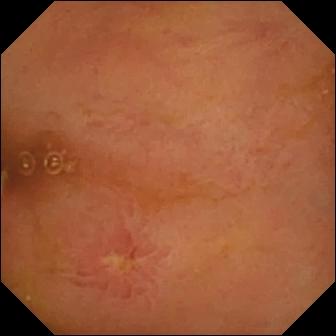This VCE still shows ulcer.